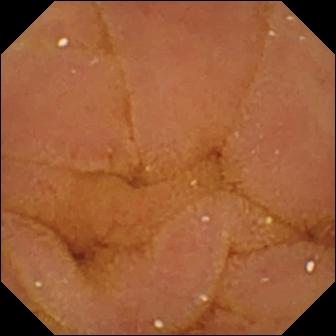Small-bowel capsule endoscopy image. Normal clean mucosa.